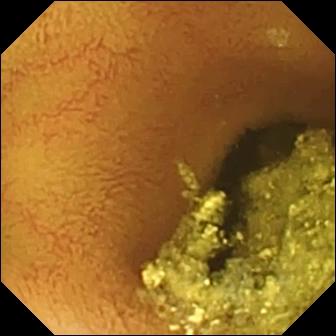Q: What does this video capsule endoscopy still show?
A: Normal clean mucosa.